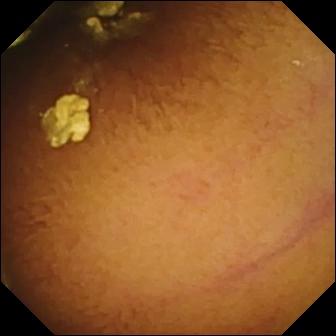This small-bowel capsule endoscopy snapshot of the small bowel shows normal clean mucosa.